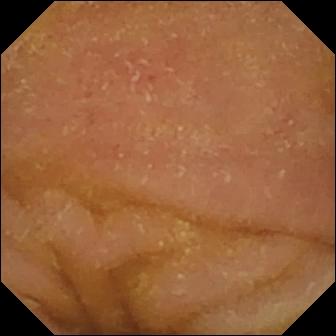Wireless capsule endoscopy frame of the small bowel showing normal clean mucosa.